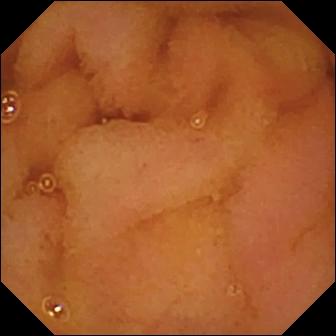Capsule endoscopy view. Normal clean mucosa.